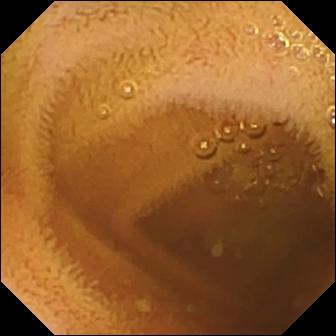{"modality": "small-bowel capsule endoscopy", "segment": "small bowel", "finding": "normal clean mucosa"}